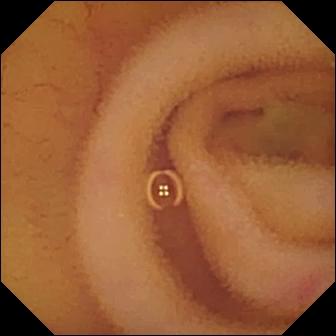Capsule endoscopy — angiectasia.